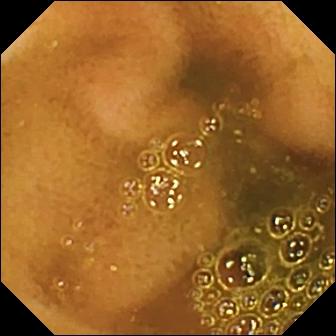Ileo-cecal valve region (the transition from the small bowel to the large bowel) — VCE snapshot.